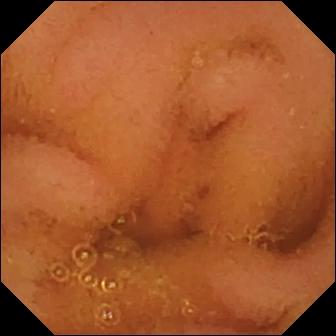Normal clean mucosa.